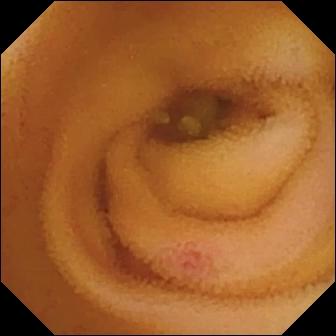Small-bowel capsule endoscopy still
Impression: angiectasia